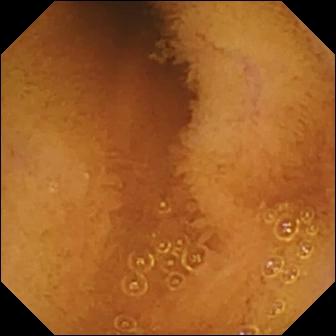WCE view, small bowel
Impression: normal clean mucosa